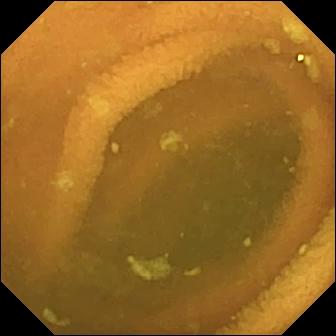Normal clean mucosa.